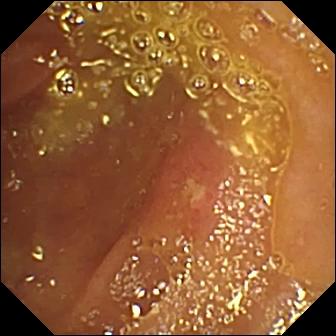This small-bowel capsule endoscopy frame shows ulcer.